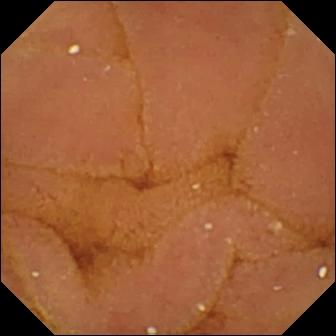Q: What does this small-bowel capsule endoscopy view show?
A: Normal clean mucosa.